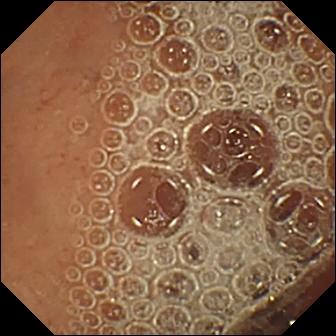Wireless capsule endoscopy frame. Normal clean mucosa.